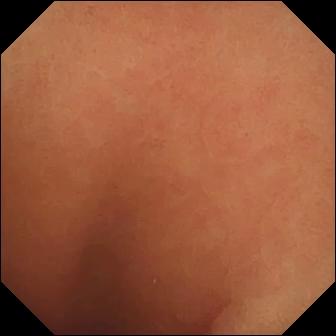Small-bowel capsule endoscopy still showing normal clean mucosa.